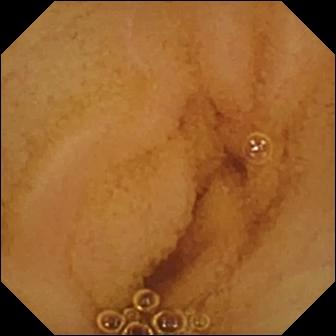- modality: WCE
- impression: normal clean mucosa